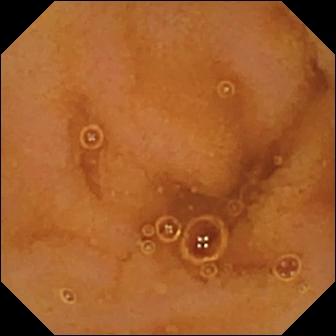Normal clean mucosa.